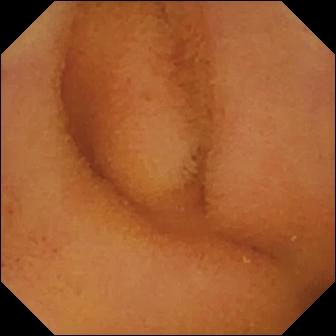Capsule endoscopy. Small intestine. Luminal finding. Finding: normal clean mucosa.